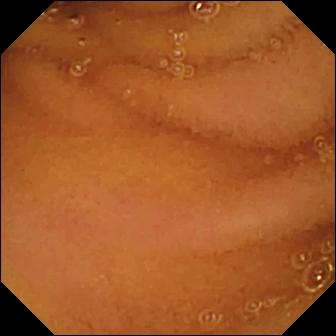Normal clean mucosa — capsule endoscopy frame.